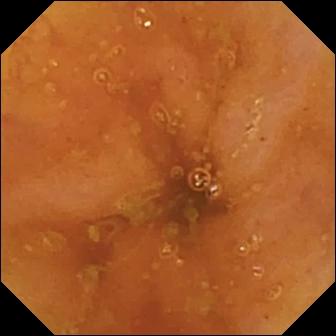This wireless capsule endoscopy still was taken in the ileo-cecal valve region (the transition from the small bowel to the large bowel).